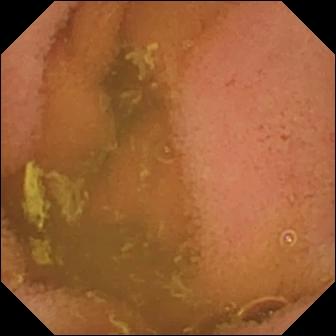This VCE snapshot of the small intestine shows normal clean mucosa.